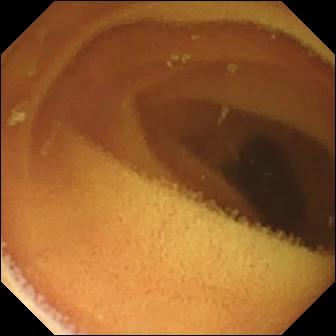This WCE image shows normal clean mucosa.